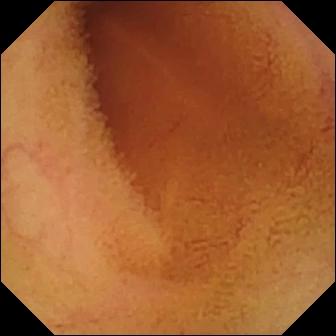- modality: small-bowel capsule endoscopy
- impression: normal clean mucosa